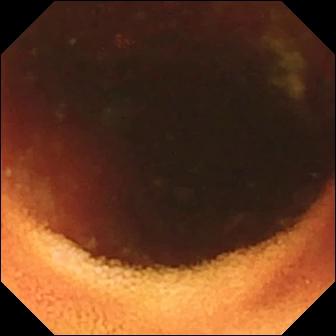VCE frame
Position: ileo-cecal valve region (the transition from the small bowel to the large bowel)